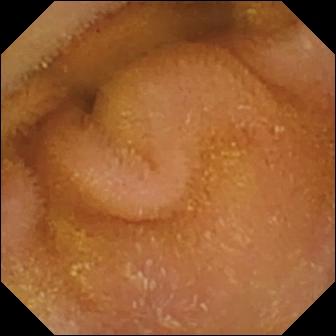Small-bowel capsule endoscopy — normal clean mucosa.